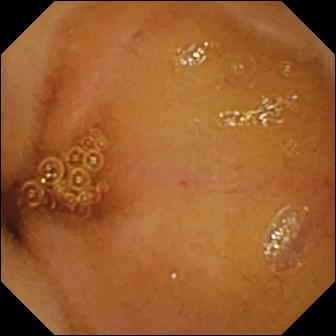{"modality": "video capsule endoscopy", "segment": "small intestine", "finding": "normal clean mucosa"}